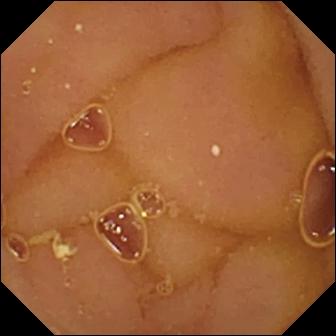This VCE frame shows normal clean mucosa.